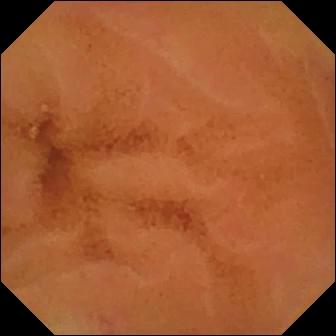This VCE image of the small intestine shows normal clean mucosa.